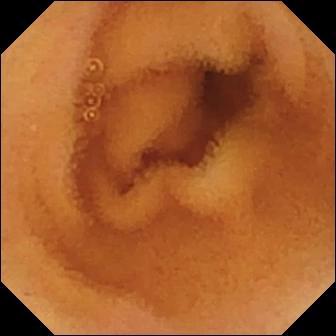VCE still, small intestine
Label: normal clean mucosa